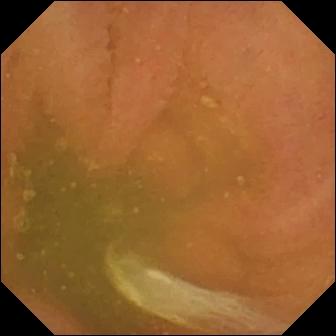modality: wireless capsule endoscopy; segment: small intestine; observation: normal clean mucosa